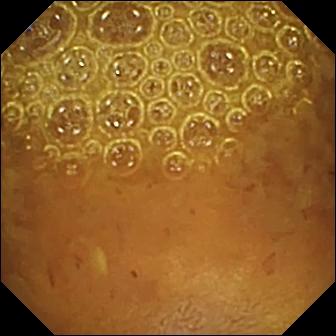VCE view (small bowel). Reduced mucosal view (content or bubbles obscuring the mucosa).